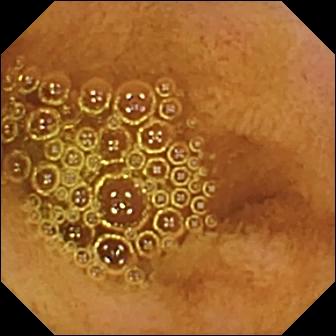Normal clean mucosa — small-bowel capsule endoscopy still of the small intestine.